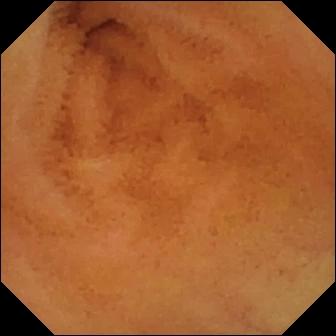Capsule endoscopy image. Normal clean mucosa.